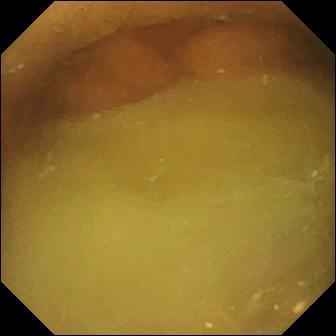{"modality": "small-bowel capsule endoscopy", "segment": "small bowel", "finding": "normal clean mucosa"}